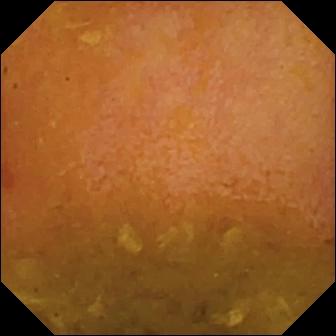Q: What does this wireless capsule endoscopy frame show?
A: Reduced mucosal view (content or bubbles obscuring the mucosa).